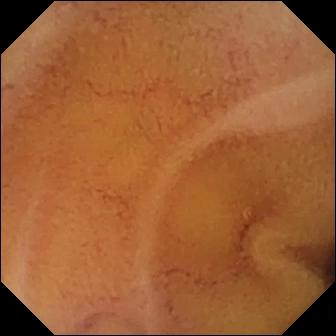PROCEDURE: Wireless capsule endoscopy.
FINDINGS: Normal clean mucosa.